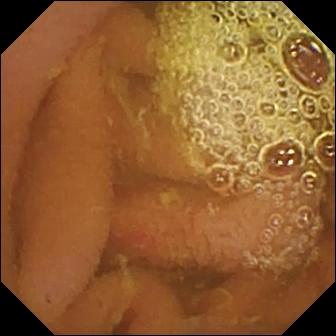{"modality": "capsule endoscopy", "finding": "erosion"}